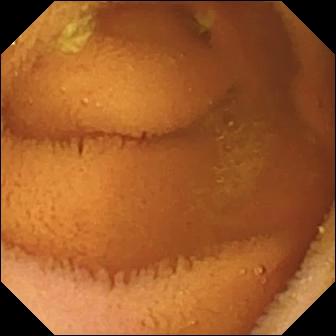PROCEDURE: VCE.
FINDINGS: Normal clean mucosa.